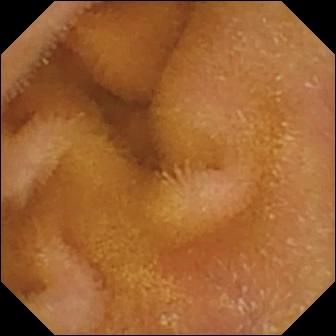This wireless capsule endoscopy still shows normal clean mucosa.